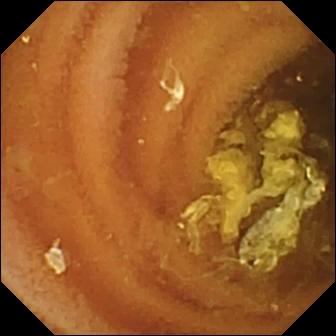Normal clean mucosa.